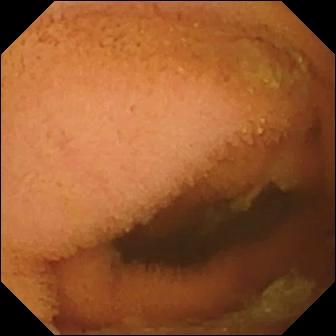Video capsule endoscopy snapshot
Finding: normal clean mucosa